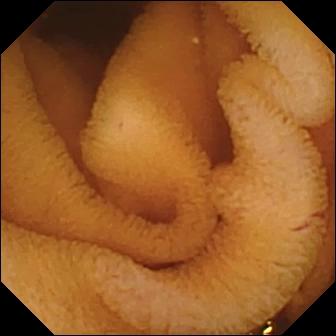PROCEDURE: Capsule endoscopy.
SEGMENT: Small bowel.
FINDINGS: Normal clean mucosa.